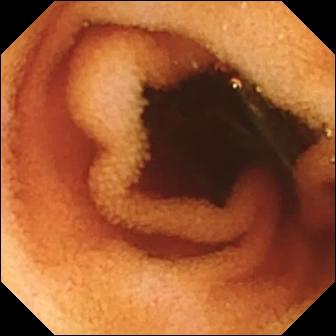Q: Where in the digestive tract was this video capsule endoscopy image taken?
A: Ileo-cecal valve region.